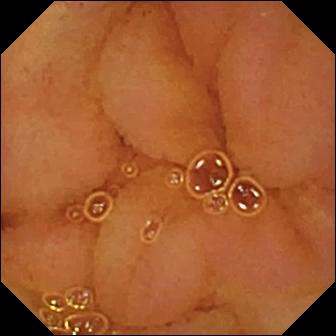This wireless capsule endoscopy snapshot of the small bowel shows normal clean mucosa.